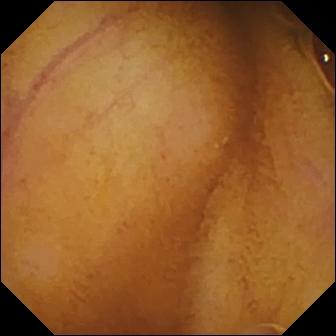PROCEDURE: Small-bowel capsule endoscopy.
SEGMENT: Small bowel.
FINDINGS: Normal clean mucosa.